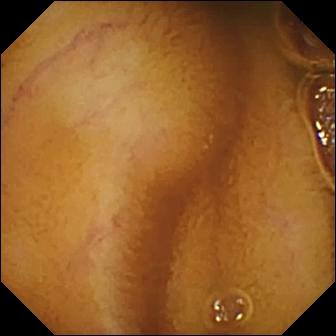modality: VCE | label: normal clean mucosa